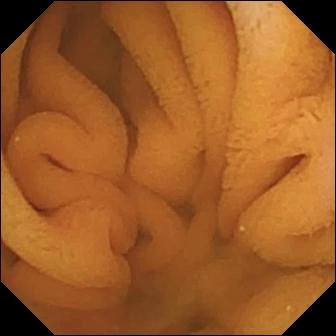This capsule endoscopy frame shows normal clean mucosa.